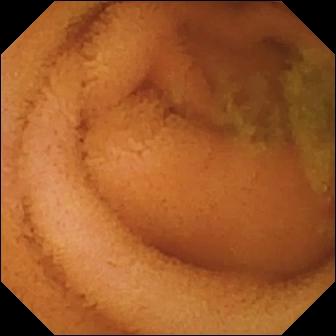PROCEDURE: WCE.
FINDINGS: Normal clean mucosa.